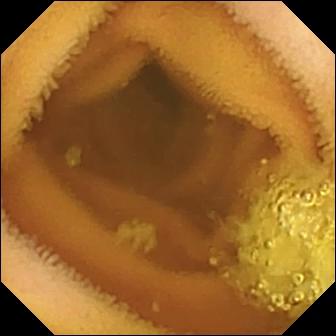Normal clean mucosa.